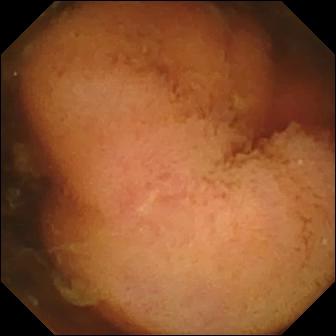WCE — polyp.